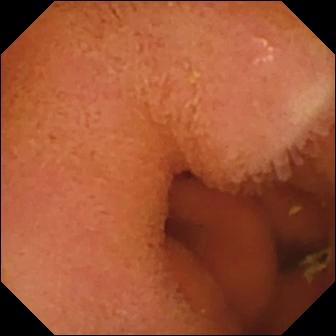This video capsule endoscopy view shows normal clean mucosa.